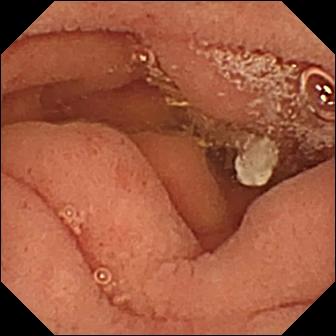Wireless capsule endoscopy — pylorus region.